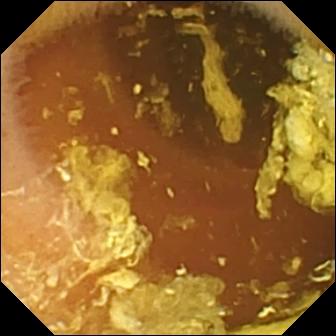Q: What does this video capsule endoscopy frame of the small intestine show?
A: Normal clean mucosa.